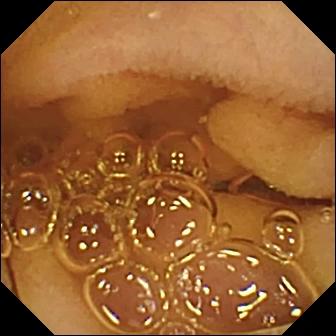modality: video capsule endoscopy | segment: small bowel | label: normal clean mucosa